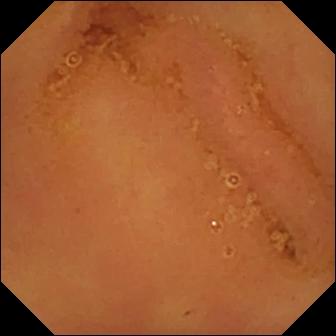- modality: VCE
- category: luminal finding
- finding: normal clean mucosa